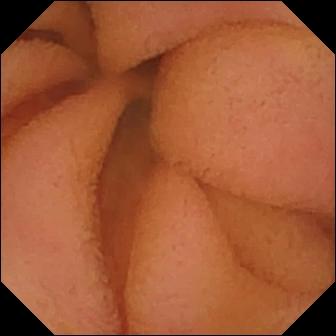Small-bowel capsule endoscopy frame of the small intestine showing normal clean mucosa.